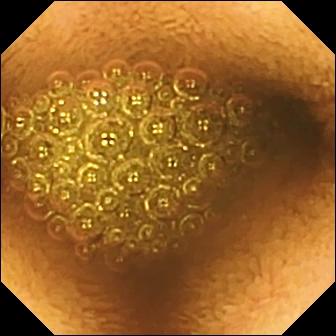Small-bowel capsule endoscopy image of the small intestine showing reduced mucosal view (content or bubbles obscuring the mucosa).